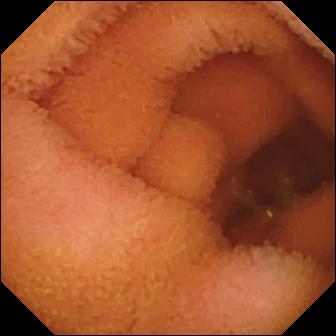Normal clean mucosa — small-bowel capsule endoscopy snapshot of the small bowel.